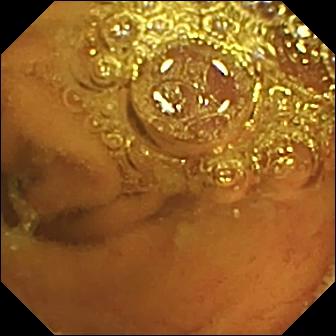Wireless capsule endoscopy image (small intestine), 336×336. Normal clean mucosa.